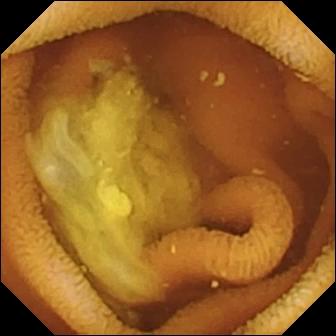modality: capsule endoscopy
segment: small intestine
observation: normal clean mucosa